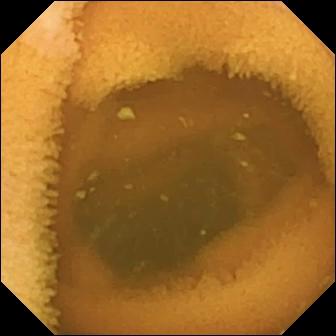Video capsule endoscopy frame
Label: normal clean mucosa